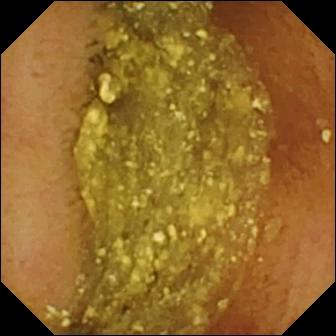Capsule endoscopy image showing normal clean mucosa.